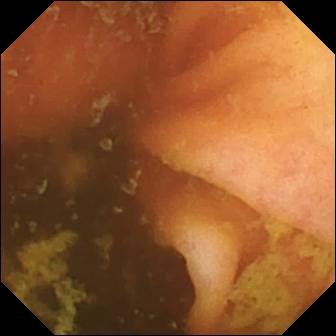Wireless capsule endoscopy. Location: ileo-cecal valve region (the transition from the small bowel to the large bowel).